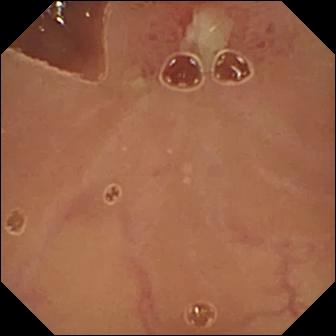Ulcer — VCE frame.